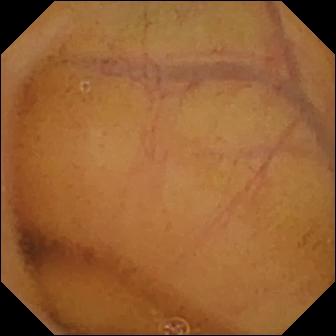WCE still showing normal clean mucosa.